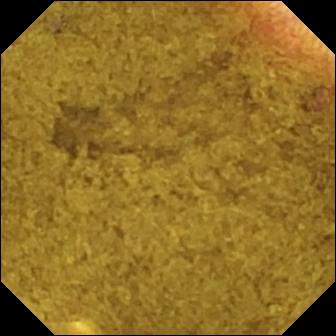This wireless capsule endoscopy still was taken in the ileo-cecal valve region (the transition from the small bowel to the large bowel).